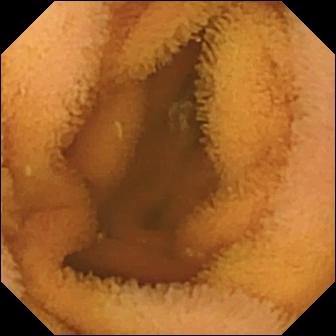Normal clean mucosa — video capsule endoscopy frame.